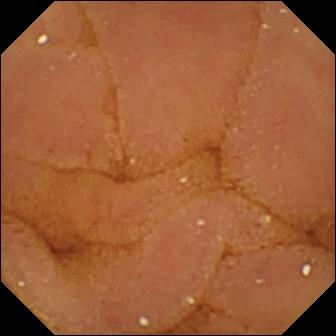Normal clean mucosa — wireless capsule endoscopy snapshot.